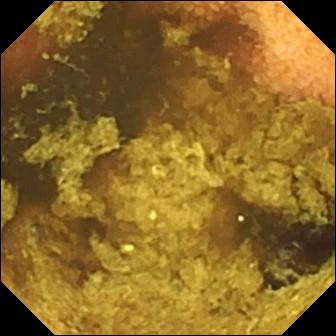Video capsule endoscopy. Small intestine. Observation: normal clean mucosa.